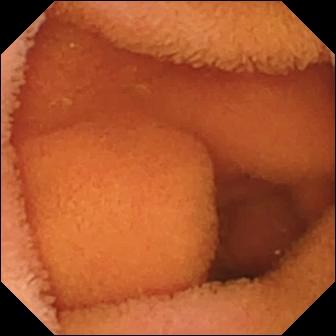VCE view. Normal clean mucosa.